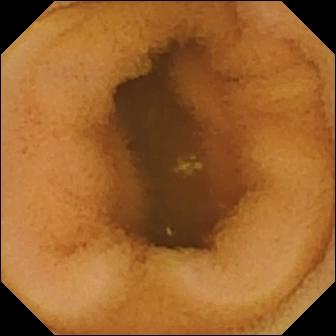Q: What does this small-bowel capsule endoscopy view of the small bowel show?
A: Normal clean mucosa.